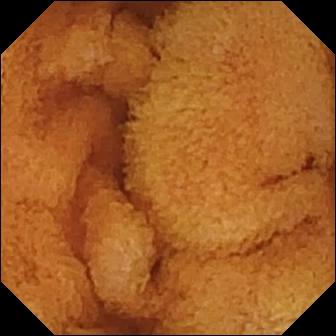Video capsule endoscopy. Small bowel. Observation: normal clean mucosa.